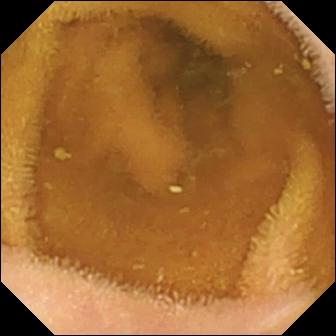Wireless capsule endoscopy still. Normal clean mucosa.